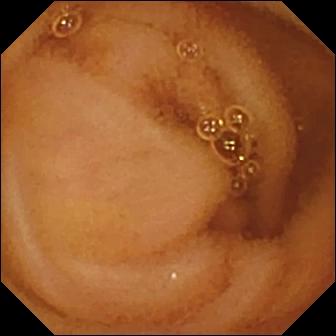Capsule endoscopy frame, small bowel
Label: normal clean mucosa